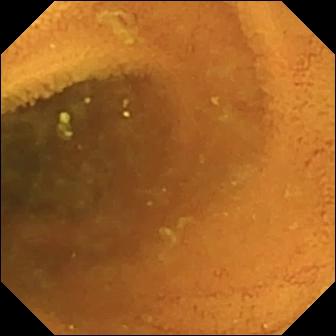Capsule endoscopy frame
Finding: normal clean mucosa